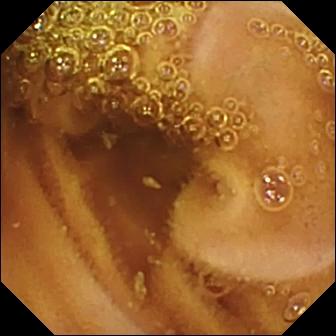Video capsule endoscopy — normal clean mucosa.